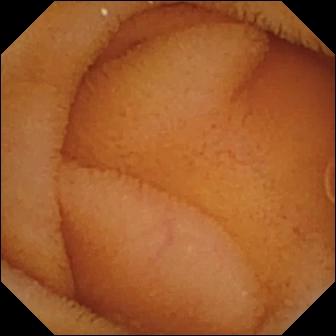Wireless capsule endoscopy frame of the small intestine showing normal clean mucosa.